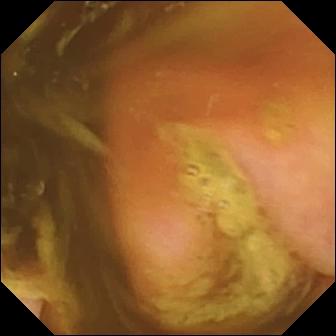Q: Where in the digestive tract was this capsule endoscopy frame taken?
A: Ileo-cecal valve region (the transition from the small bowel to the large bowel).